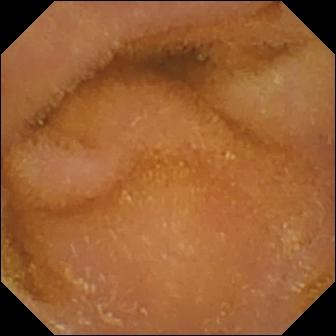PROCEDURE: Capsule endoscopy.
FINDINGS: Normal clean mucosa.